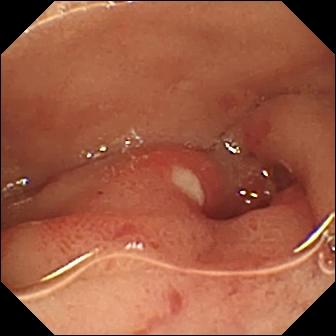Ulcer.